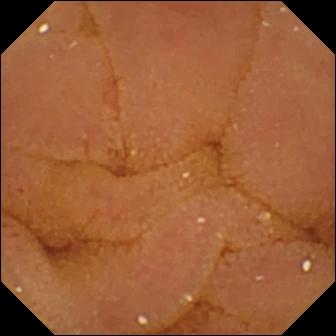Normal clean mucosa — WCE snapshot.